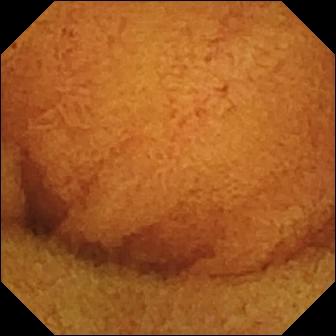modality: capsule endoscopy; segment: small intestine; finding: normal clean mucosa